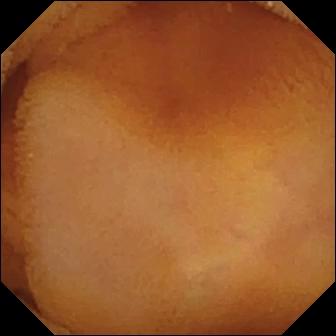Wireless capsule endoscopy. Luminal finding. Observation: normal clean mucosa.